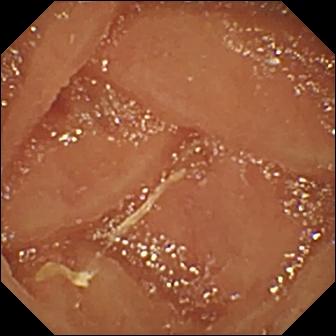PROCEDURE: Small-bowel capsule endoscopy.
FINDINGS: Normal clean mucosa.